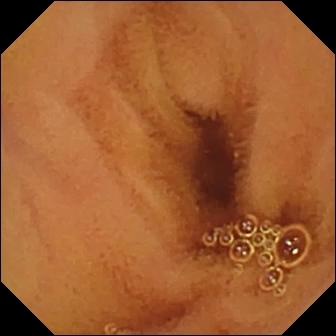Normal clean mucosa — VCE snapshot of the small intestine.